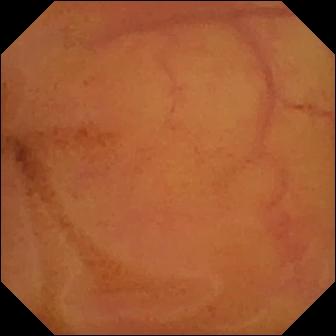WCE view showing normal clean mucosa.